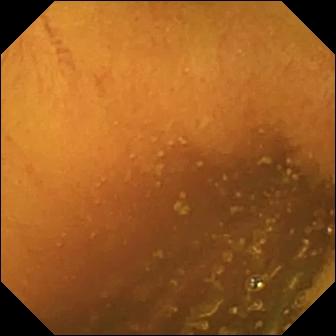Q: What does this WCE still of the small intestine show?
A: Normal clean mucosa.